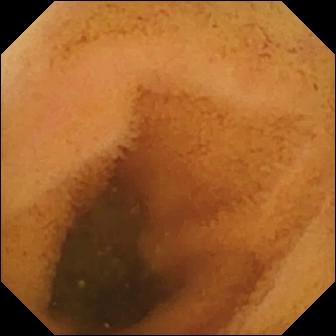Video capsule endoscopy still showing normal clean mucosa.